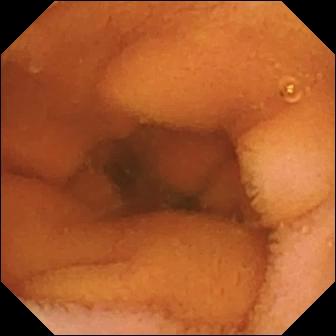modality: video capsule endoscopy; segment: small bowel; finding: normal clean mucosa